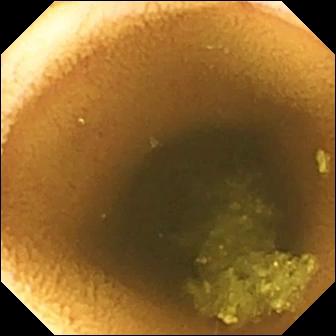Normal clean mucosa — small-bowel capsule endoscopy view.